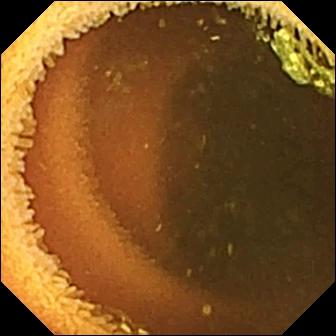PROCEDURE: Small-bowel capsule endoscopy.
FINDINGS: Normal clean mucosa.